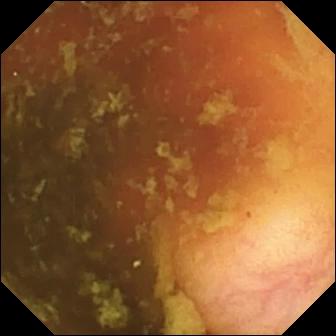Video capsule endoscopy snapshot taken in the ileo-cecal valve region (where the capsule passes from the small bowel into the large bowel).